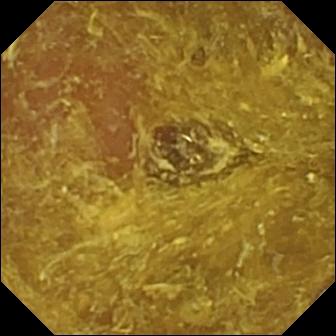VCE still (small bowel), 336×336. Reduced mucosal view (content or bubbles obscuring the mucosa).